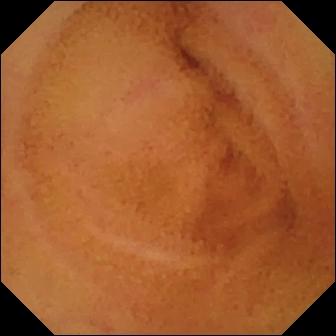VCE still showing normal clean mucosa.